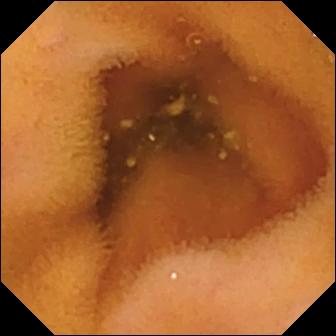{"modality": "VCE", "segment": "small intestine", "finding": "normal clean mucosa"}